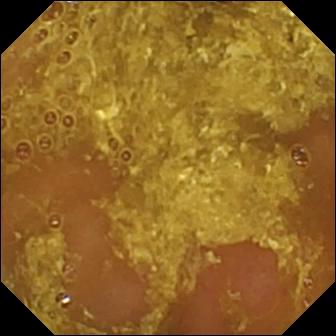{"modality": "video capsule endoscopy", "finding": "reduced mucosal view (content or bubbles obscuring the mucosa)"}